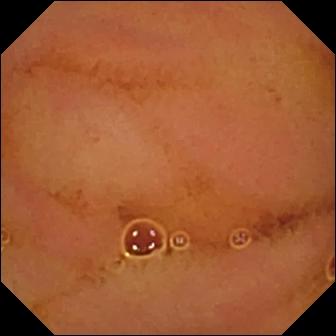Wireless capsule endoscopy still. Normal clean mucosa.